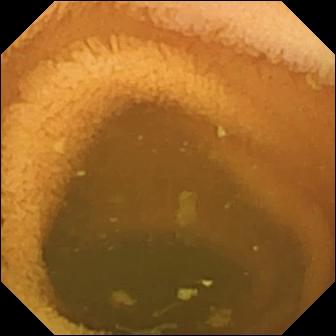Normal clean mucosa — small-bowel capsule endoscopy view of the small intestine.